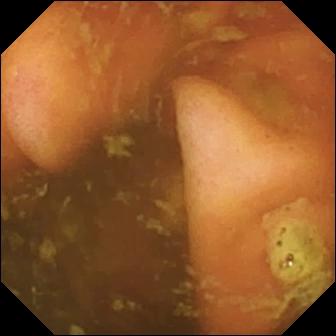Ileo-cecal valve region (where the capsule passes from the small bowel into the large bowel).